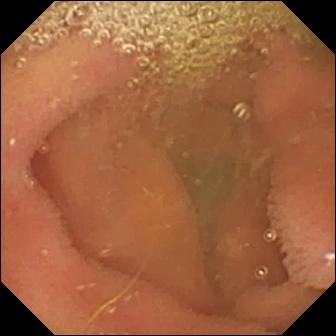- modality: VCE
- label: lymphangiectasia